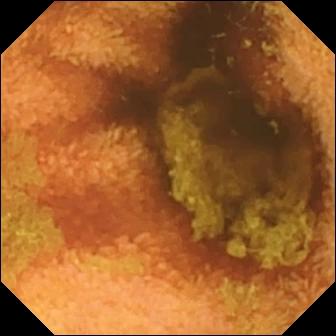Small-bowel capsule endoscopy — normal clean mucosa.